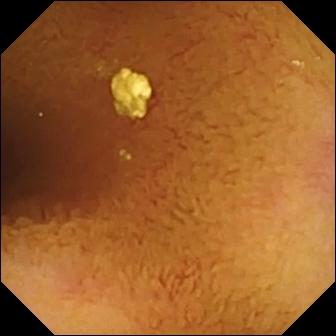VCE frame. Normal clean mucosa.